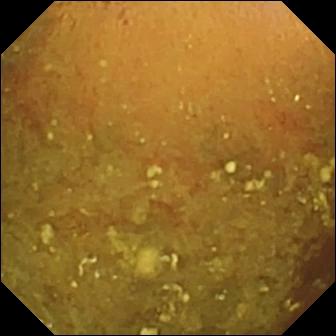WCE image
Observation: reduced mucosal view (content or bubbles obscuring the mucosa)